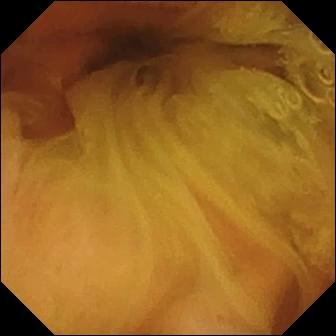This VCE snapshot of the small intestine shows normal clean mucosa.